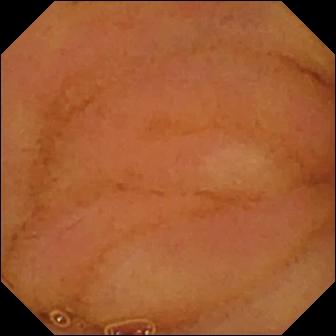Small-bowel capsule endoscopy — normal clean mucosa.